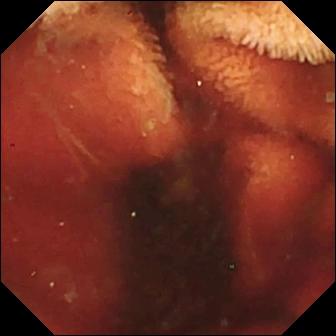modality: VCE
observation: fresh blood in the lumen